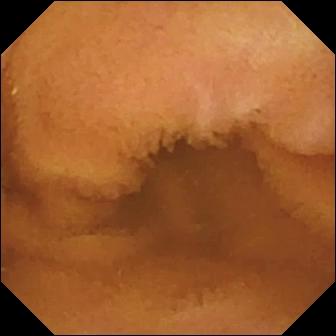This wireless capsule endoscopy view of the small bowel shows normal clean mucosa.